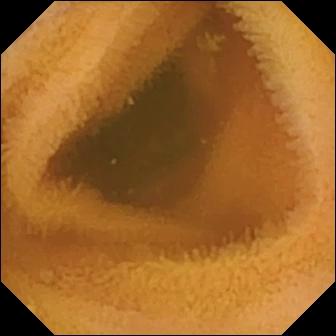{"modality": "video capsule endoscopy", "category": "luminal finding", "finding": "normal clean mucosa"}